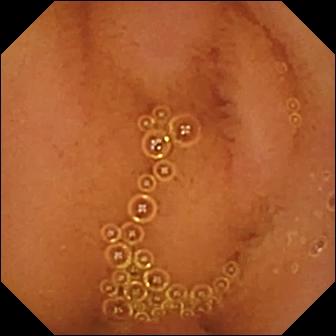Video capsule endoscopy still
Label: normal clean mucosa